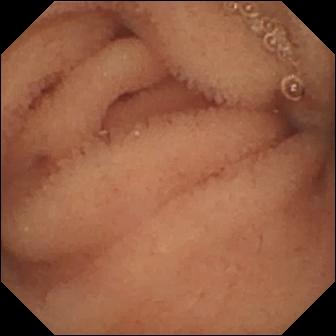WCE snapshot (small intestine), 336×336. Normal clean mucosa.